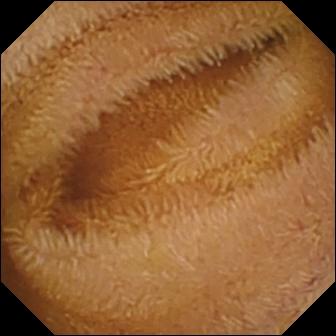Normal clean mucosa.